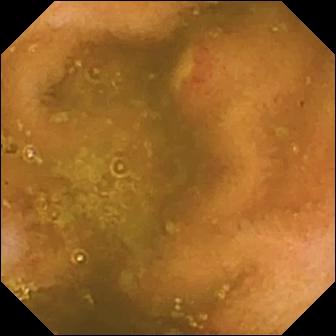VCE view, 336×336. Ulcer.